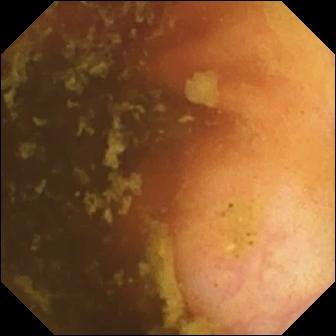Ileo-cecal valve region (where the capsule passes from the small bowel into the large bowel), 336×336.